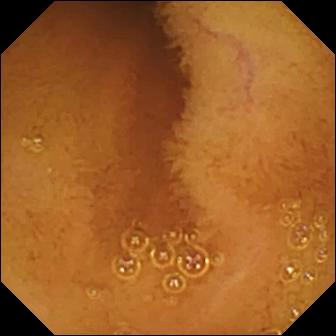This video capsule endoscopy view shows normal clean mucosa.